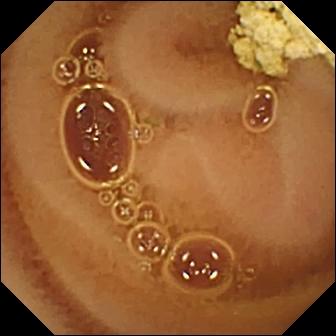Normal clean mucosa (336×336).